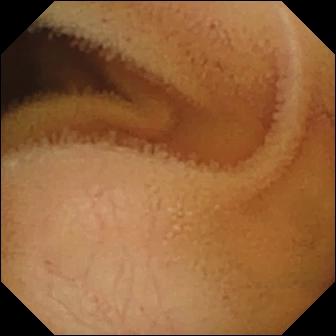Q: What does this VCE frame of the small intestine show?
A: Normal clean mucosa.